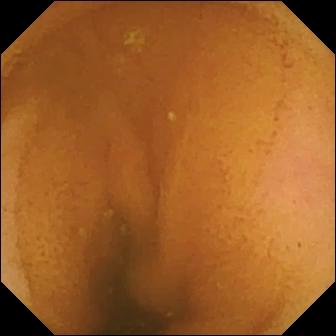{"modality": "wireless capsule endoscopy", "category": "luminal finding", "finding": "normal clean mucosa"}